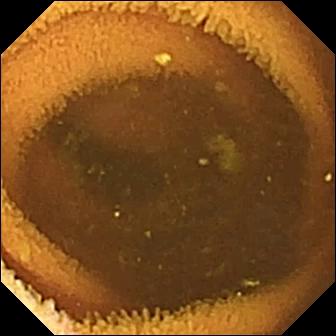PROCEDURE: Capsule endoscopy.
FINDINGS: Normal clean mucosa.